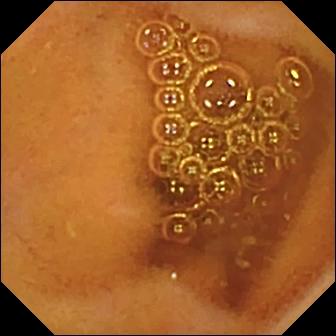Normal clean mucosa.